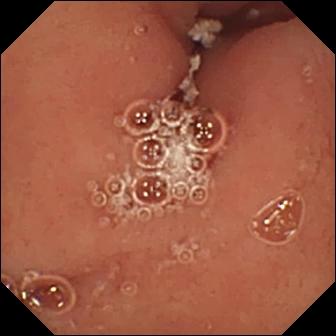Pylorus region (the junction between the stomach and the small bowel), 336×336.